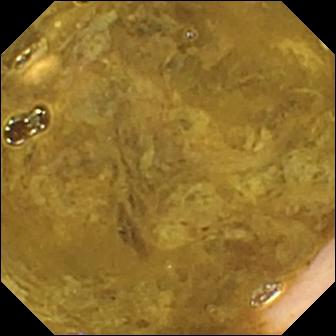Ileo-cecal valve region (the transition from the small bowel to the large bowel), 336×336.